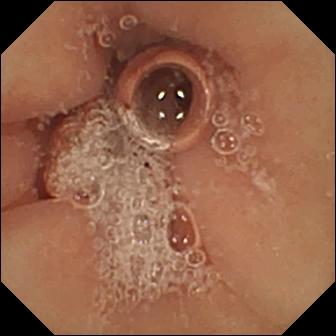WCE — pylorus region (where the capsule passes from the stomach into the small bowel).